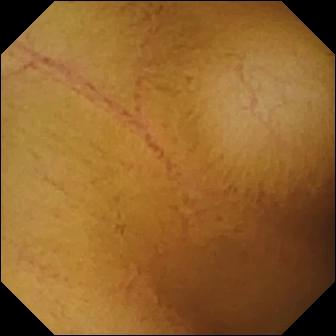Q: What does this VCE still show?
A: Normal clean mucosa.